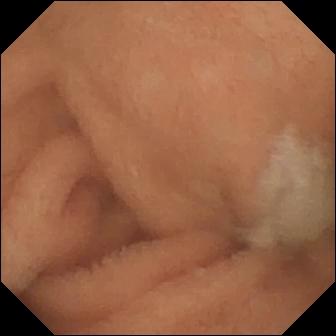PROCEDURE: WCE.
SEGMENT: Small bowel.
FINDINGS: Normal clean mucosa.